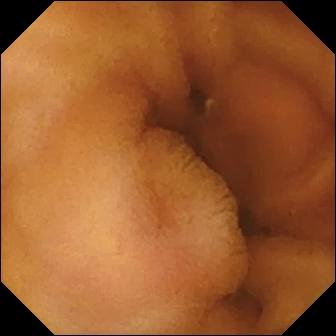Video capsule endoscopy snapshot
Label: normal clean mucosa